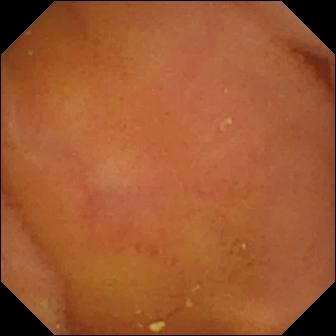VCE view of the small bowel showing normal clean mucosa.